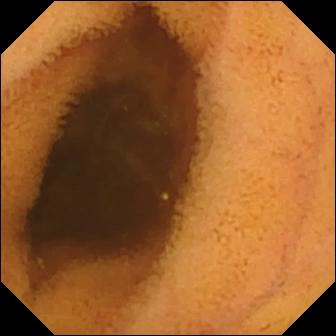modality: WCE; impression: normal clean mucosa